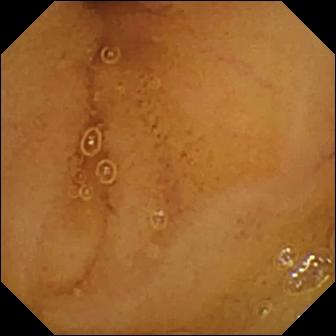- modality: video capsule endoscopy
- segment: small bowel
- observation: normal clean mucosa